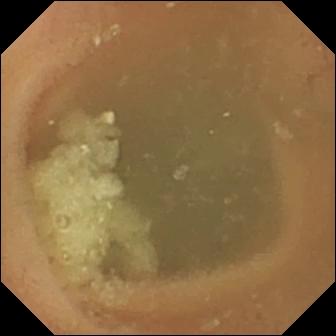modality: small-bowel capsule endoscopy | label: normal clean mucosa